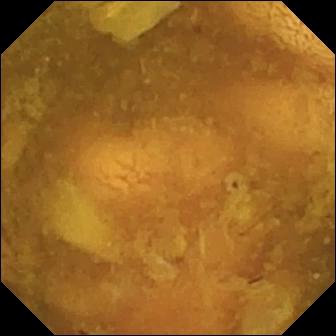Capsule endoscopy — reduced mucosal view (content or bubbles obscuring the mucosa).